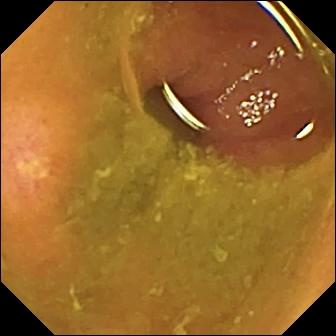Q: What does this WCE image show?
A: Ulcer.